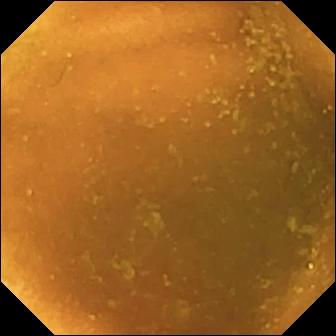Wireless capsule endoscopy frame
Finding: normal clean mucosa